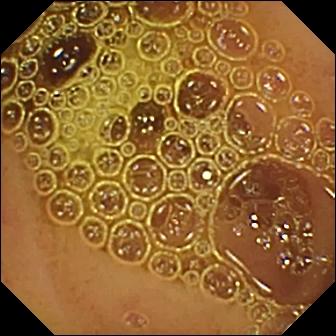PROCEDURE: Video capsule endoscopy.
SEGMENT: Small intestine.
FINDINGS: Normal clean mucosa.